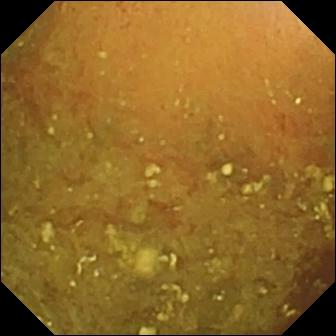Reduced mucosal view (content or bubbles obscuring the mucosa) — capsule endoscopy still of the small intestine.